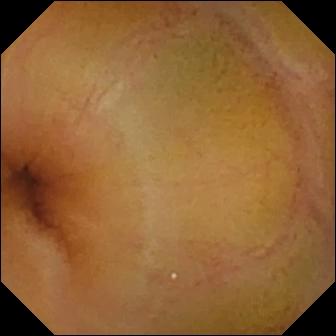Small-bowel capsule endoscopy frame, small intestine
Label: normal clean mucosa